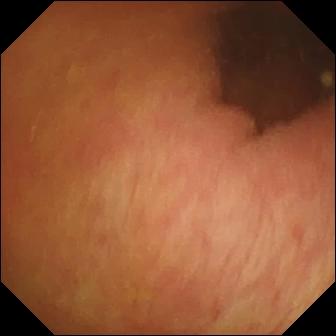VCE view, 336×336. Taken in the pylorus region.